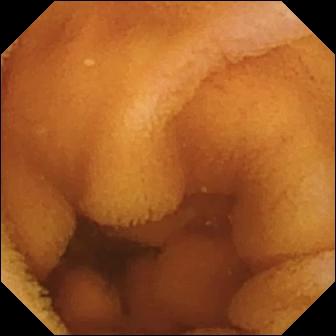Wireless capsule endoscopy. Small intestine. Label: normal clean mucosa.